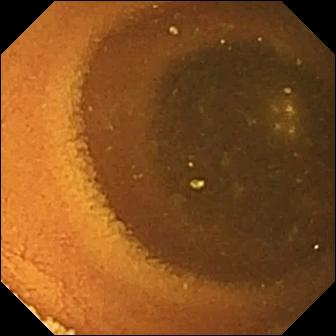This VCE still of the small bowel shows normal clean mucosa.